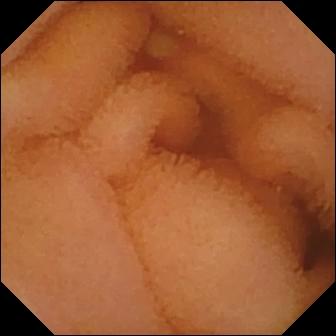{"modality": "video capsule endoscopy", "finding": "normal clean mucosa"}